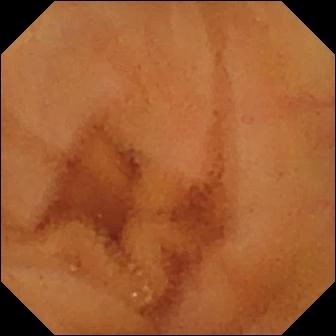This wireless capsule endoscopy frame shows normal clean mucosa.